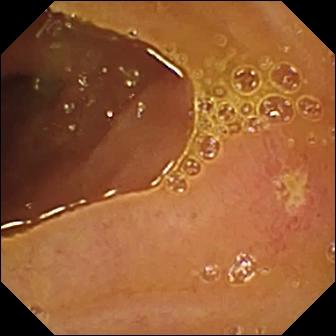Ulcer (336×336).